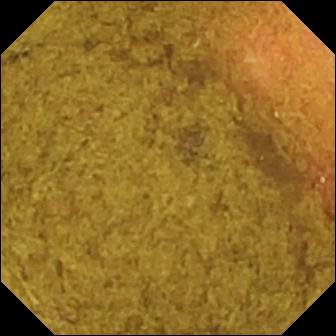WCE still taken in the ileo-cecal valve region.